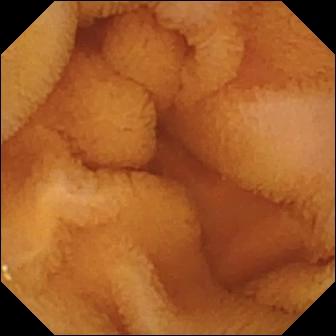PROCEDURE: WCE.
FINDINGS: Normal clean mucosa.